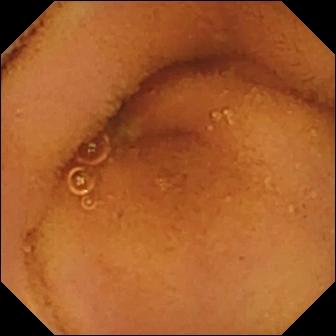Capsule endoscopy. Small bowel. Impression: normal clean mucosa.